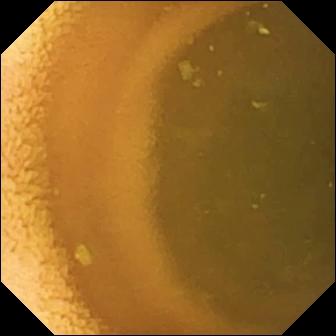- modality: wireless capsule endoscopy
- observation: normal clean mucosa